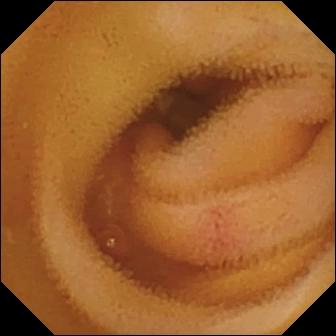Video capsule endoscopy image. Angiectasia.